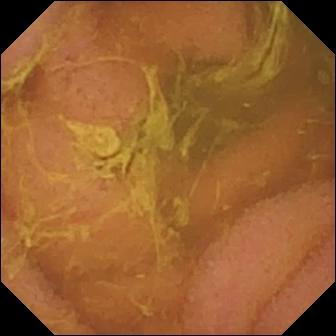Capsule endoscopy still. Normal clean mucosa.